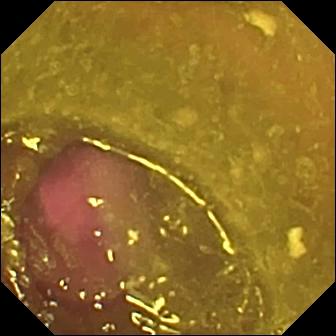Wireless capsule endoscopy frame of the small bowel showing reduced mucosal view (content or bubbles obscuring the mucosa).